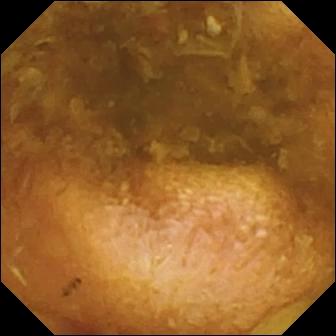WCE snapshot (small intestine). Reduced mucosal view (content or bubbles obscuring the mucosa).